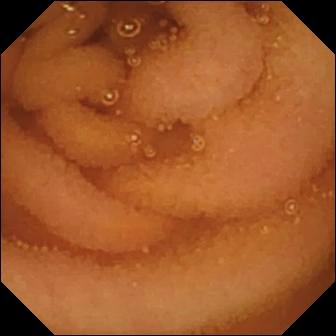Normal clean mucosa — WCE snapshot.